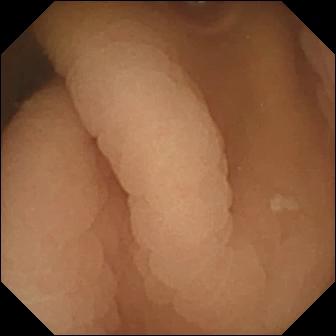PROCEDURE: WCE.
VIDEO SEGMENT: Pylorus region.